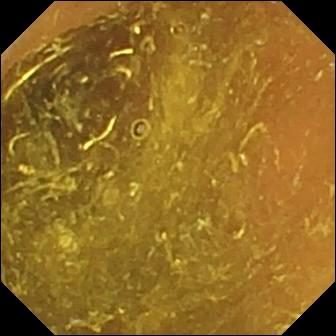Wireless capsule endoscopy frame
Video segment: ileo-cecal valve region